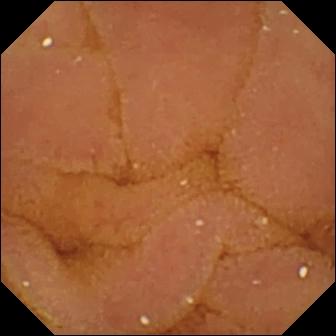This capsule endoscopy snapshot of the small bowel shows normal clean mucosa.